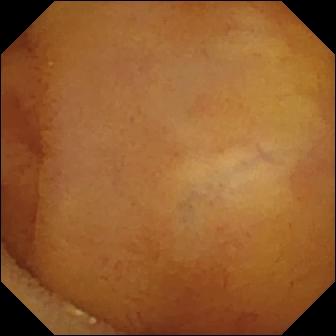Normal clean mucosa — capsule endoscopy snapshot of the small bowel.